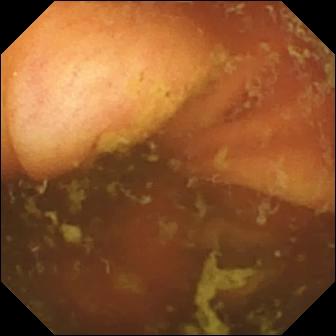PROCEDURE: WCE.
POSITION: Ileo-cecal valve region (the transition from the small bowel to the large bowel).